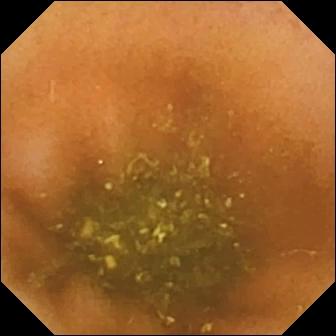Wireless capsule endoscopy — ileo-cecal valve region.